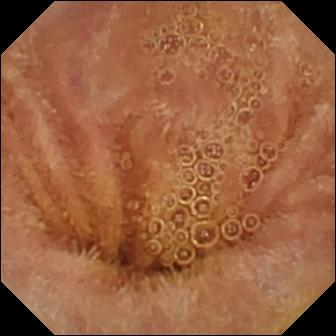Capsule endoscopy — normal clean mucosa.